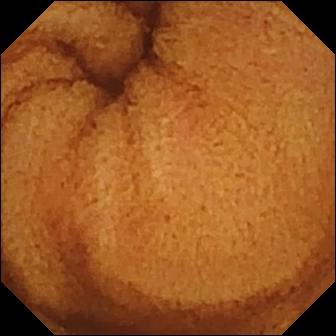Wireless capsule endoscopy view (small intestine). Normal clean mucosa.